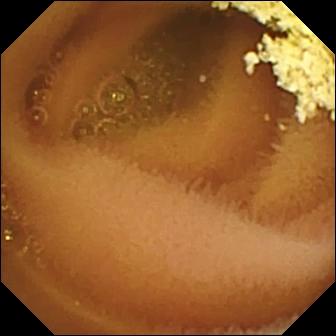- modality: VCE
- segment: small bowel
- impression: normal clean mucosa